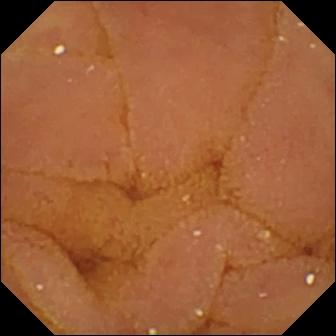Normal clean mucosa — WCE image.